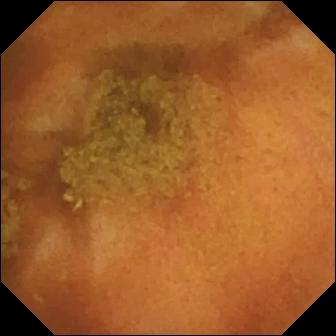Q: What does this wireless capsule endoscopy view of the small intestine show?
A: Normal clean mucosa.